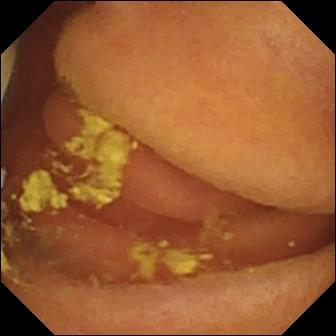Foreign body (e.g. retained capsule, tablet residue) — WCE still.